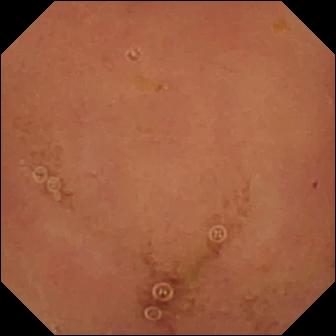PROCEDURE: Wireless capsule endoscopy.
SEGMENT: Small intestine.
FINDINGS: Normal clean mucosa.